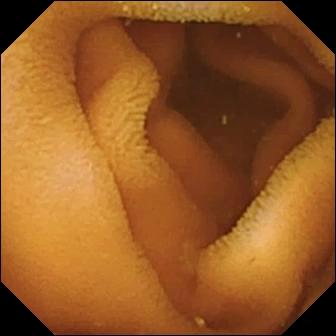Wireless capsule endoscopy. Small intestine. Observation: normal clean mucosa.